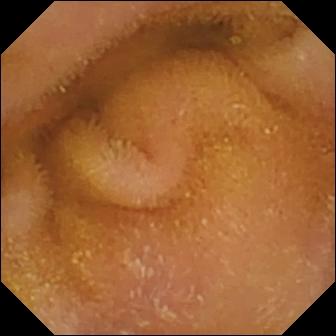- modality: video capsule endoscopy
- segment: small intestine
- impression: normal clean mucosa